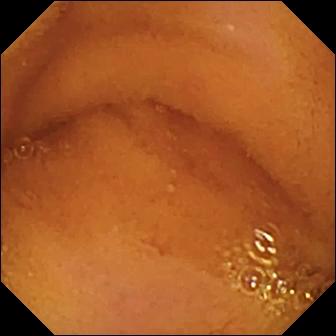- modality: small-bowel capsule endoscopy
- category: luminal finding
- label: normal clean mucosa